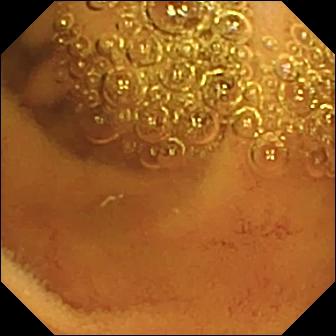VCE image of the small bowel showing normal clean mucosa.